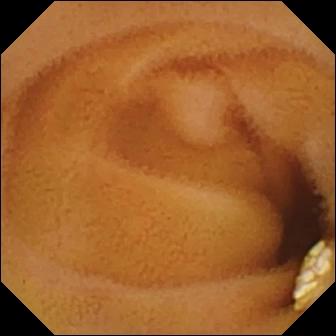This capsule endoscopy snapshot shows lymphangiectasia.